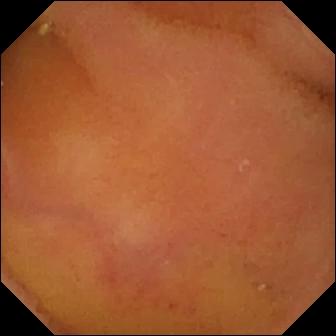Capsule endoscopy. Label: normal clean mucosa.